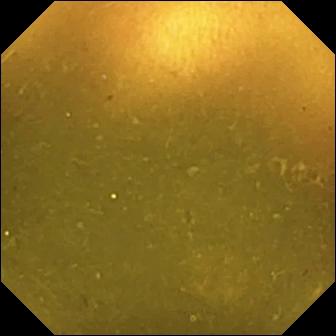Ileo-cecal valve region (the transition from the small bowel to the large bowel) — wireless capsule endoscopy frame.